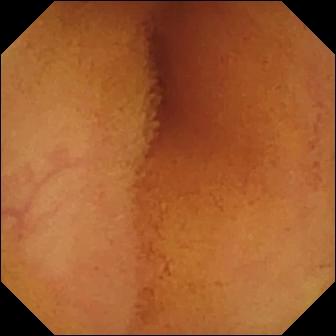{"modality": "WCE", "finding": "normal clean mucosa"}